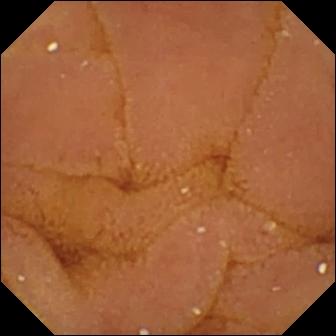Capsule endoscopy view (small intestine), 336×336. Normal clean mucosa.